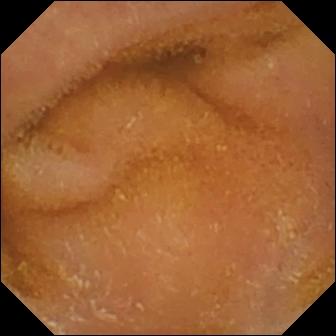This WCE frame of the small bowel shows normal clean mucosa.